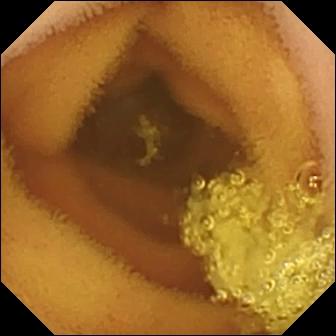Video capsule endoscopy snapshot
Observation: normal clean mucosa